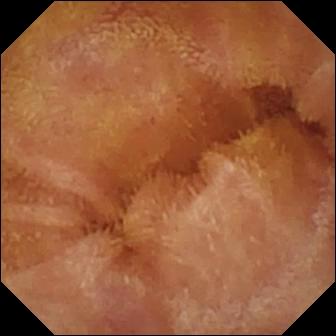- modality: capsule endoscopy
- segment: small bowel
- label: normal clean mucosa